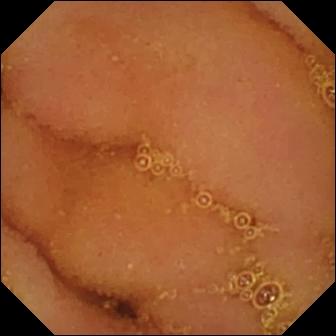Q: What does this capsule endoscopy frame show?
A: Normal clean mucosa.